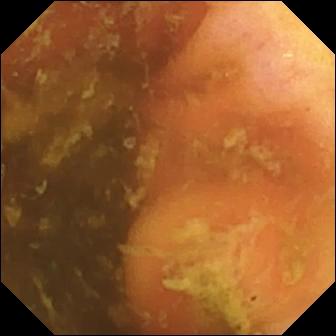modality: WCE
video segment: ileo-cecal valve region (the transition from the small bowel to the large bowel)